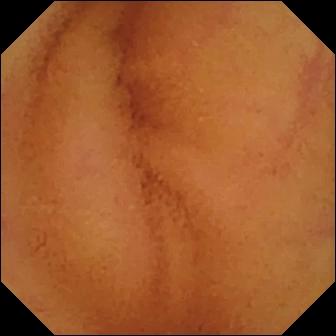- modality: VCE
- category: luminal finding
- impression: normal clean mucosa